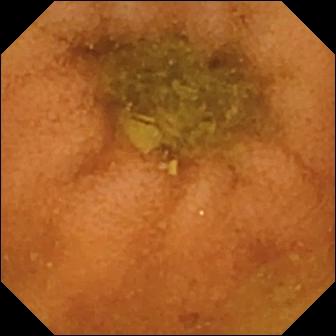modality: video capsule endoscopy | segment: small intestine | impression: normal clean mucosa